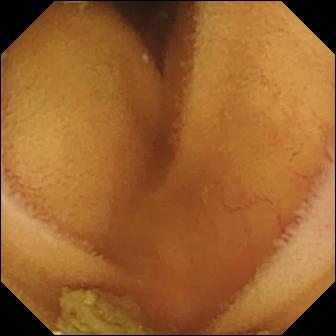This video capsule endoscopy still shows normal clean mucosa.